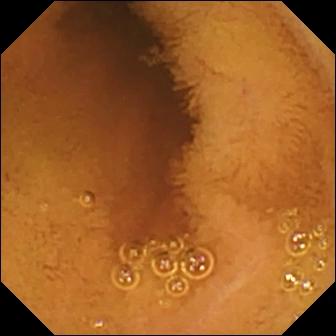VCE. Small bowel. Label: normal clean mucosa.